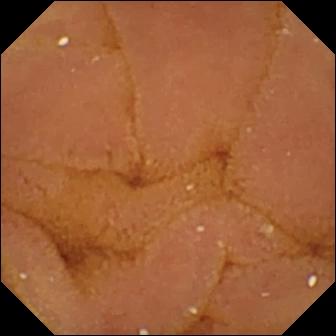Normal clean mucosa — video capsule endoscopy view of the small intestine.